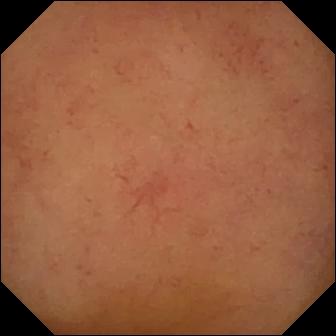Q: What does this VCE still of the small intestine show?
A: Normal clean mucosa.